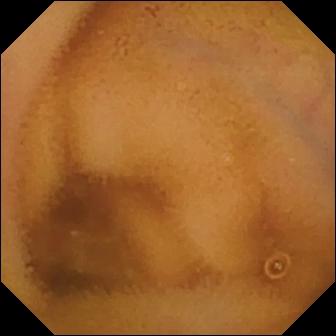This wireless capsule endoscopy frame of the small intestine shows normal clean mucosa.